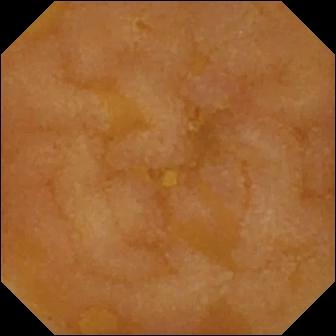WCE snapshot of the small intestine showing reduced mucosal view (content or bubbles obscuring the mucosa).